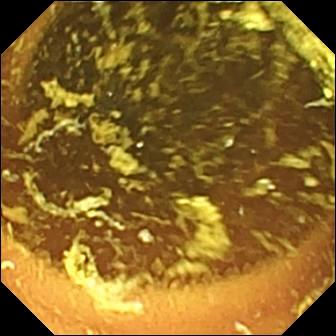Small-bowel capsule endoscopy. Observation: normal clean mucosa.